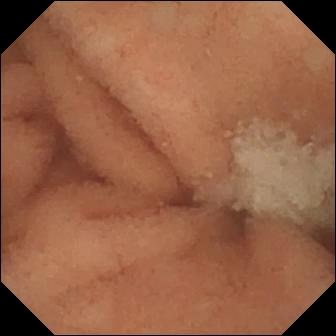Q: What does this video capsule endoscopy snapshot of the small intestine show?
A: Normal clean mucosa.